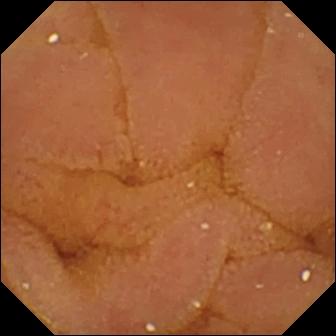- modality: small-bowel capsule endoscopy
- category: luminal finding
- label: normal clean mucosa